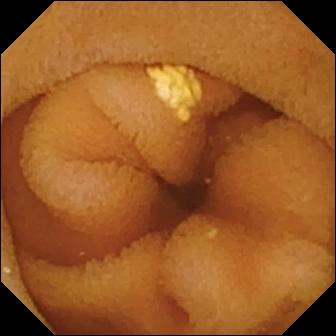VCE frame, small bowel
Finding: normal clean mucosa